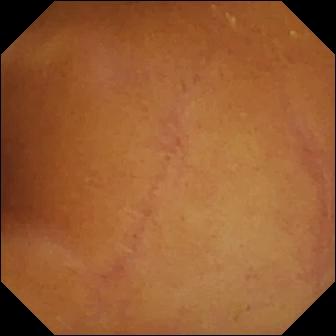Normal clean mucosa.